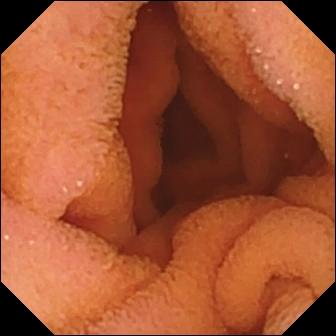PROCEDURE: Wireless capsule endoscopy.
FINDINGS: Normal clean mucosa.